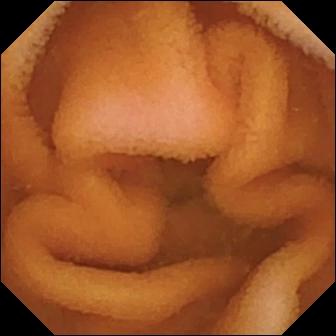VCE view (small intestine). Normal clean mucosa.